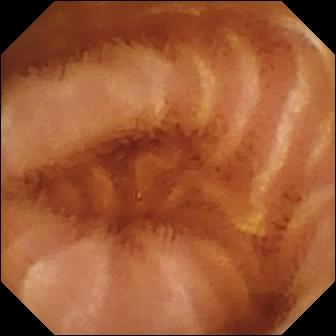Q: What does this small-bowel capsule endoscopy view show?
A: Normal clean mucosa.